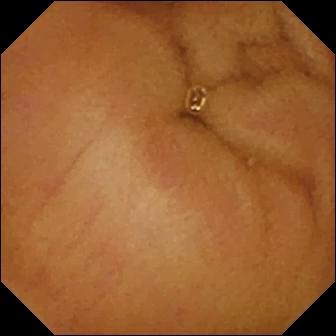Video capsule endoscopy — normal clean mucosa.